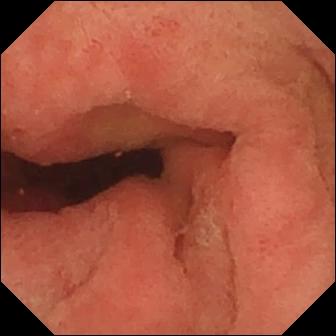Pylorus region — video capsule endoscopy still.